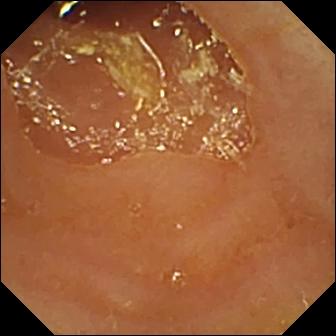{"modality": "WCE", "finding": "reduced mucosal view (content or bubbles obscuring the mucosa)"}